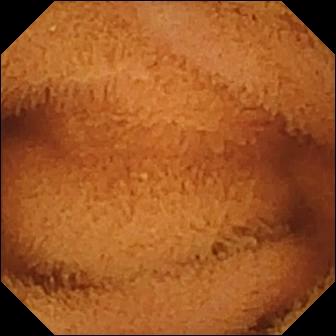- modality: small-bowel capsule endoscopy
- segment: small bowel
- impression: normal clean mucosa